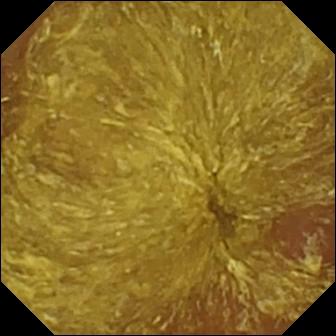Reduced mucosal view (content or bubbles obscuring the mucosa) — video capsule endoscopy snapshot.